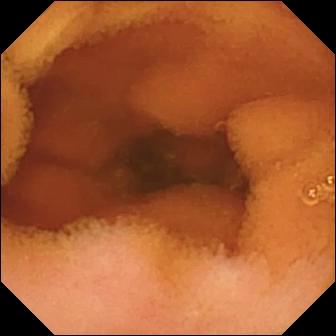Wireless capsule endoscopy. Observation: normal clean mucosa.